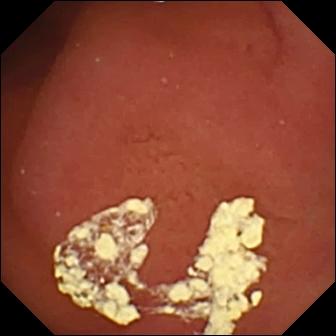VCE. Label: pylorus region.